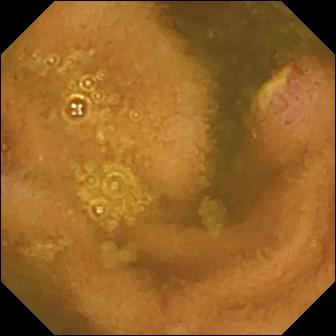Q: What does this capsule endoscopy still show?
A: Ulcer.